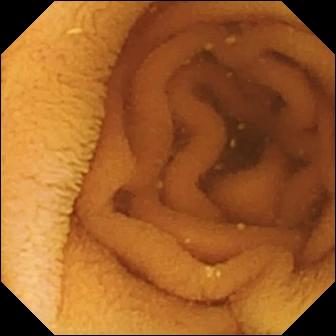modality: WCE | segment: small bowel | impression: normal clean mucosa